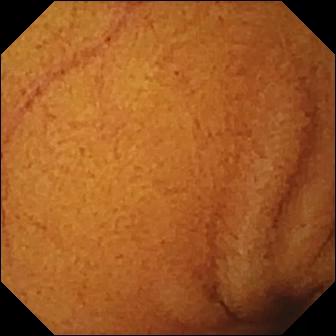Normal clean mucosa — wireless capsule endoscopy image.